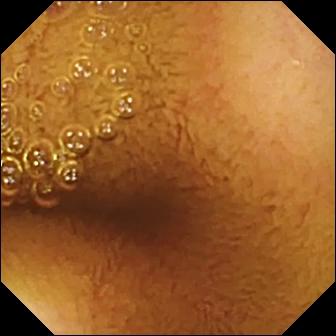Normal clean mucosa.